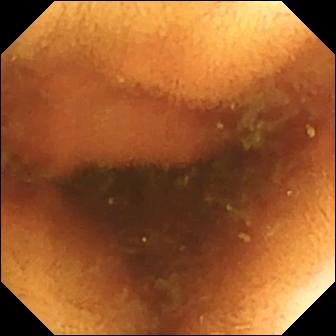modality: small-bowel capsule endoscopy; category: luminal finding; finding: normal clean mucosa